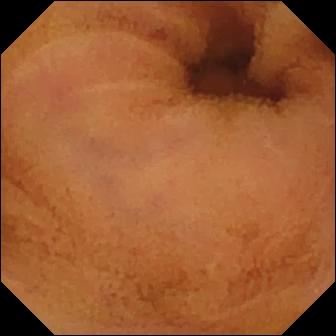Q: What does this wireless capsule endoscopy frame of the small bowel show?
A: Normal clean mucosa.